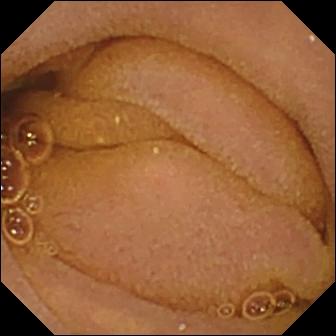This small-bowel capsule endoscopy frame shows normal clean mucosa.